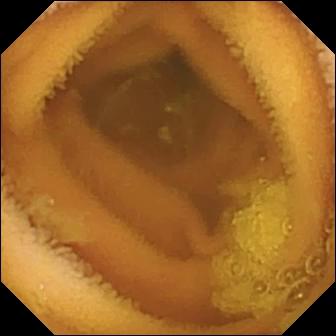modality: video capsule endoscopy; impression: normal clean mucosa